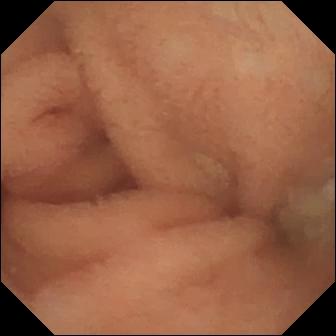Wireless capsule endoscopy — normal clean mucosa.